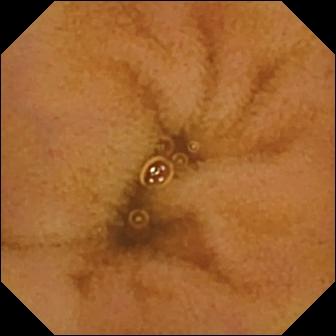- modality: capsule endoscopy
- category: luminal finding
- observation: normal clean mucosa